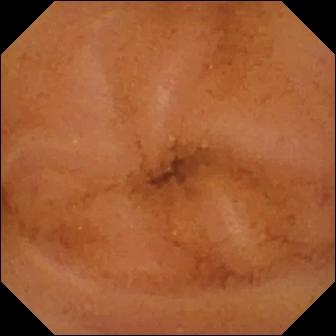Video capsule endoscopy. Small bowel. Luminal finding. Impression: normal clean mucosa.